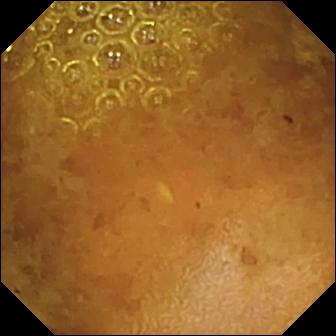Reduced mucosal view (content or bubbles obscuring the mucosa) — capsule endoscopy still of the small bowel.